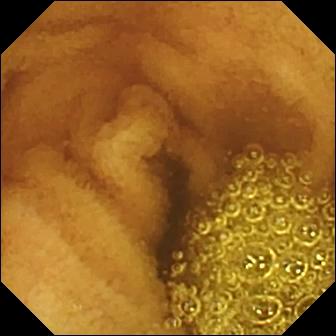Wireless capsule endoscopy. Label: normal clean mucosa.